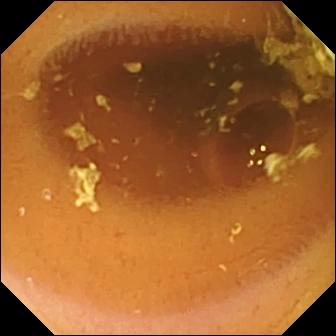Small-bowel capsule endoscopy still showing normal clean mucosa.